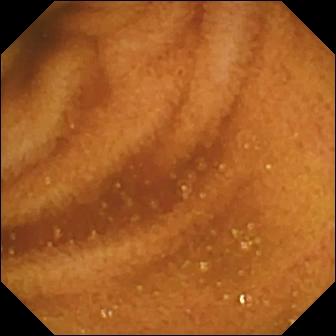WCE still, small intestine
Label: normal clean mucosa